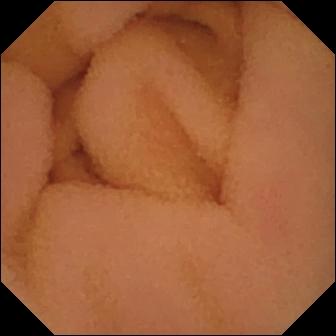PROCEDURE: VCE.
FINDINGS: Normal clean mucosa.